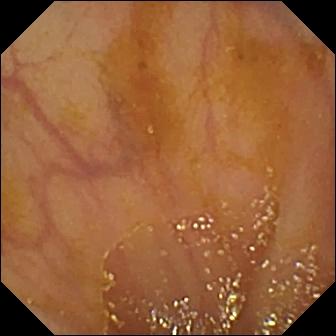Q: Where in the digestive tract was this WCE still taken?
A: Ileo-cecal valve region.